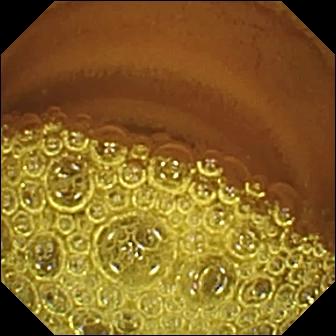Normal clean mucosa.